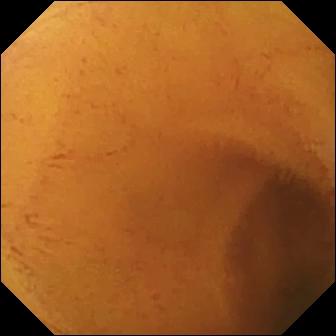Normal clean mucosa — WCE frame.